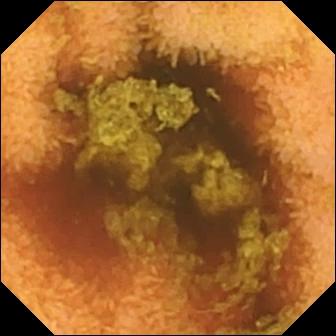Small-bowel capsule endoscopy — normal clean mucosa.